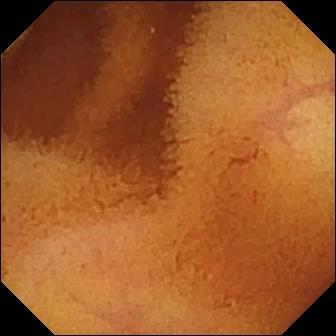Video capsule endoscopy. Small bowel. Finding: normal clean mucosa.